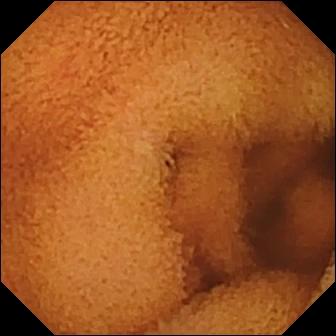- modality: wireless capsule endoscopy
- segment: small bowel
- category: luminal finding
- finding: normal clean mucosa